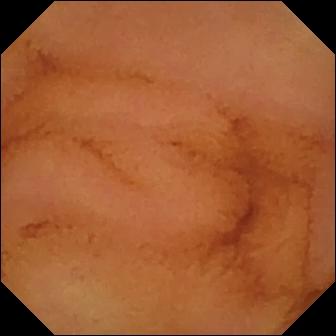{"modality": "video capsule endoscopy", "finding": "normal clean mucosa"}